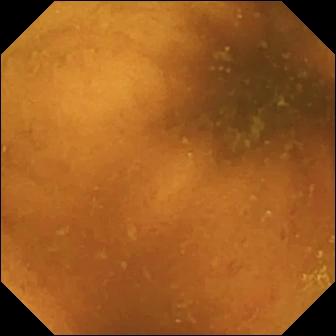WCE frame. Normal clean mucosa.